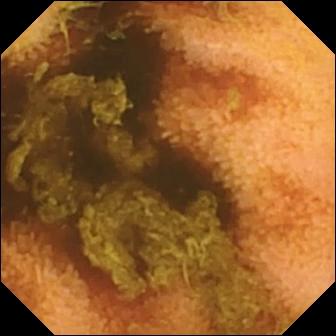Normal clean mucosa — small-bowel capsule endoscopy image of the small intestine.